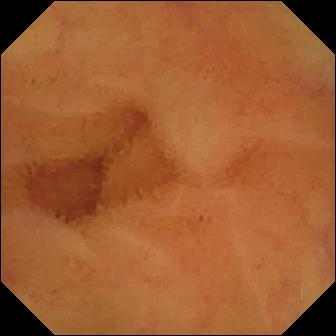- modality: VCE
- finding: normal clean mucosa